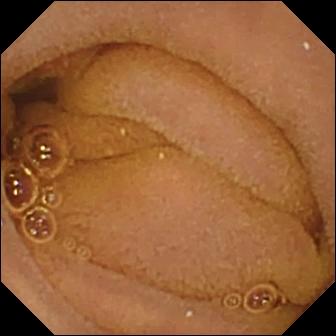{"modality": "WCE", "finding": "normal clean mucosa"}